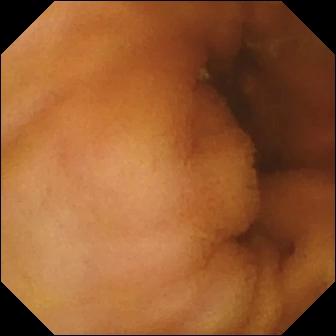PROCEDURE: Wireless capsule endoscopy.
FINDINGS: Normal clean mucosa.